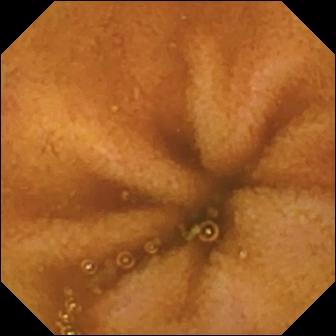Capsule endoscopy still, small intestine
Label: normal clean mucosa